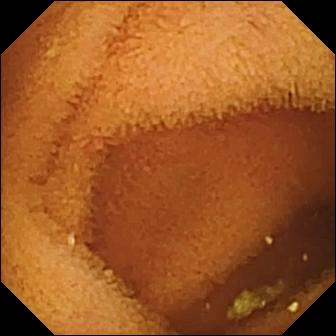Normal clean mucosa — small-bowel capsule endoscopy image.